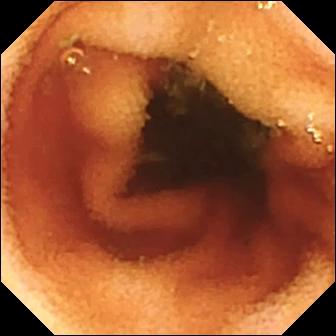Ileo-cecal valve region (the transition from the small bowel to the large bowel) — video capsule endoscopy frame.